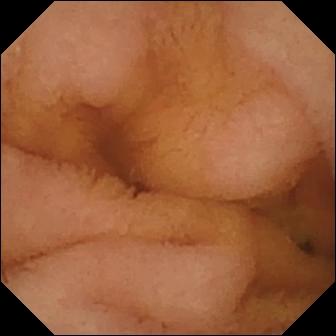Normal clean mucosa — video capsule endoscopy view.